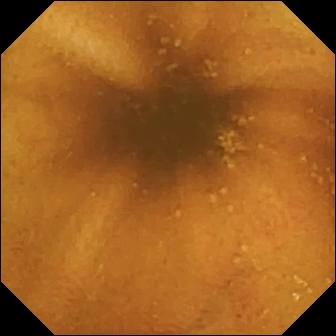modality: small-bowel capsule endoscopy; impression: normal clean mucosa